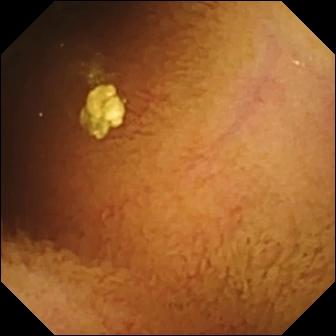Capsule endoscopy still of the small bowel showing normal clean mucosa.